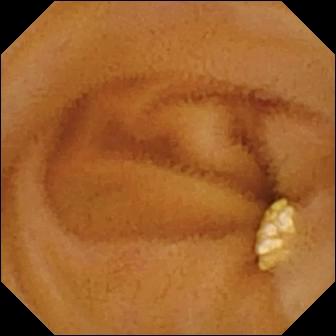Small-bowel capsule endoscopy snapshot showing lymphangiectasia.